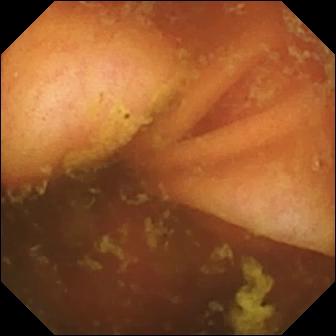WCE. Video segment: ileo-cecal valve region (the transition from the small bowel to the large bowel).